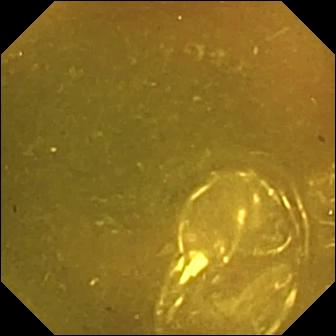- modality: capsule endoscopy
- category: anatomical landmark
- position: ileo-cecal valve region